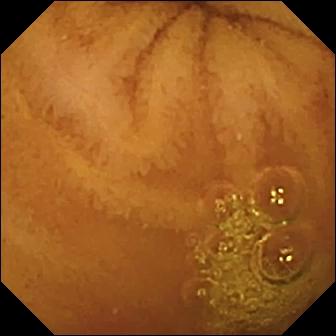Q: What does this capsule endoscopy snapshot of the small bowel show?
A: Normal clean mucosa.